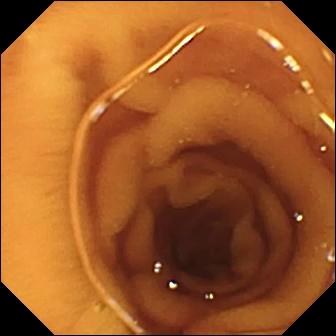PROCEDURE: Capsule endoscopy.
FINDINGS: Normal clean mucosa.